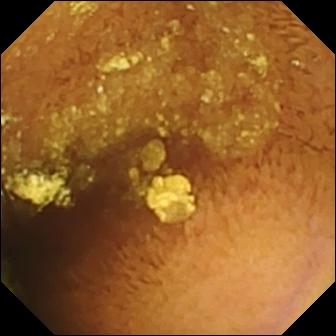This video capsule endoscopy view shows normal clean mucosa.